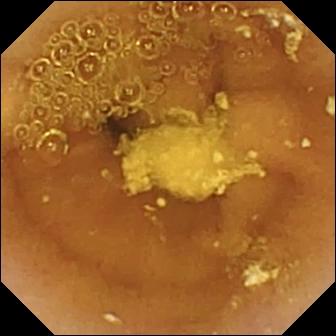- modality: small-bowel capsule endoscopy
- observation: foreign body (e.g. retained capsule, tablet residue)